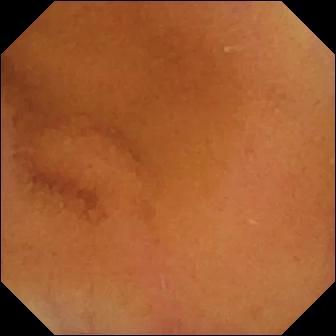Normal clean mucosa (336×336).